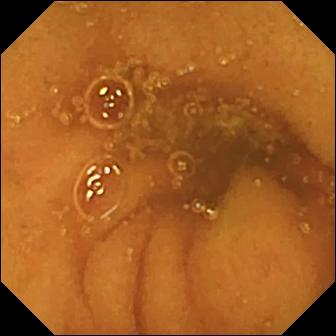PROCEDURE: Capsule endoscopy.
FINDINGS: Normal clean mucosa.